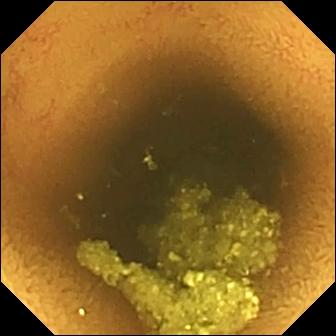- modality: VCE
- segment: small intestine
- category: luminal finding
- observation: normal clean mucosa